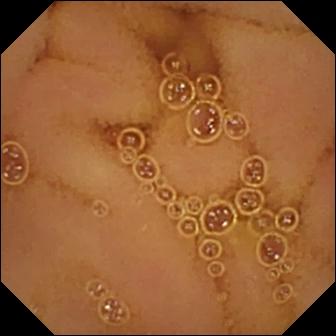PROCEDURE: WCE.
SEGMENT: Small bowel.
FINDINGS: Normal clean mucosa.